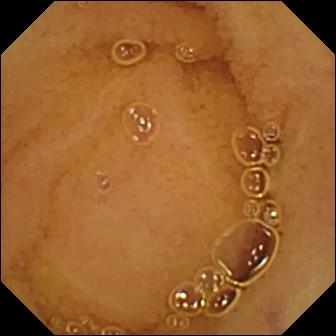Normal clean mucosa — capsule endoscopy snapshot.